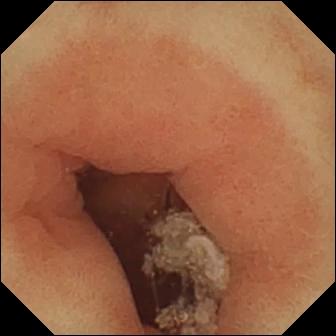{"modality": "capsule endoscopy", "category": "anatomical landmark", "video_segment": "pylorus region (where the capsule passes from the stomach into the small bowel)"}